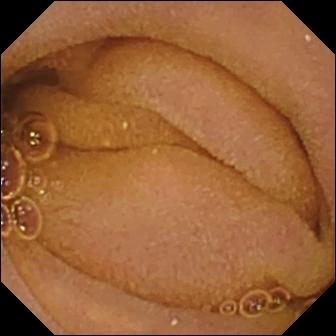Small-bowel capsule endoscopy view, small intestine
Observation: normal clean mucosa